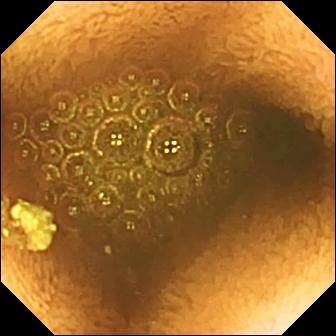Capsule endoscopy view. Reduced mucosal view (content or bubbles obscuring the mucosa).